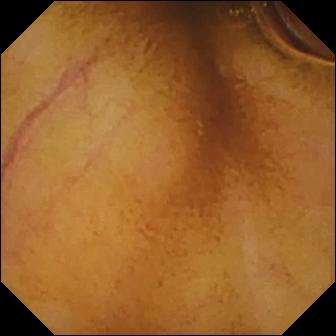Small-bowel capsule endoscopy snapshot (small bowel). Normal clean mucosa.